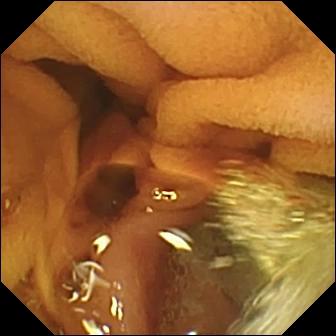Normal clean mucosa.